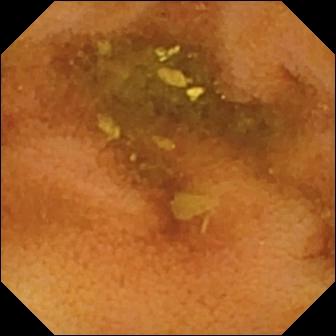Video capsule endoscopy frame (small bowel). Normal clean mucosa.